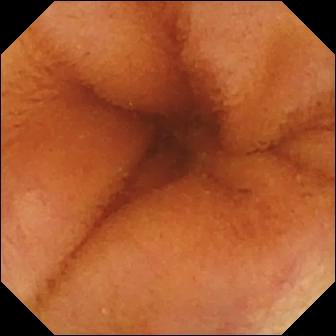modality: small-bowel capsule endoscopy | segment: small bowel | observation: normal clean mucosa